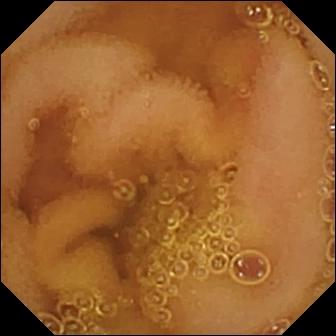Q: What does this small-bowel capsule endoscopy snapshot of the small bowel show?
A: Normal clean mucosa.